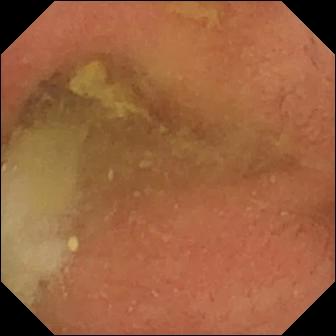Pylorus region (the junction between the stomach and the small bowel) — small-bowel capsule endoscopy image.